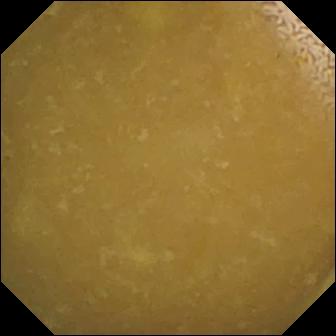Wireless capsule endoscopy. Near an anatomical landmark. Position: ileo-cecal valve region.